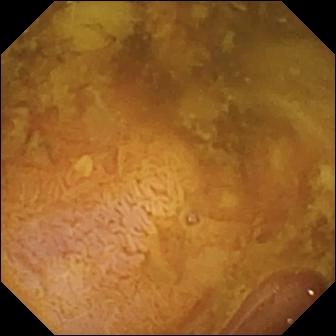This capsule endoscopy image of the small bowel shows reduced mucosal view (content or bubbles obscuring the mucosa).